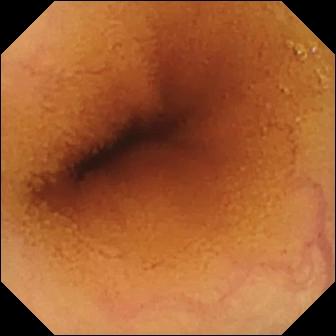Normal clean mucosa — capsule endoscopy image of the small bowel.